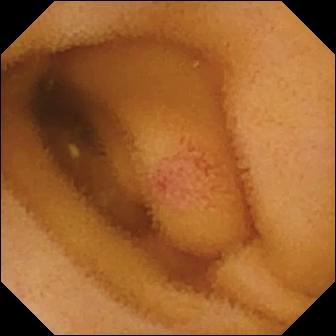Wireless capsule endoscopy view
Observation: angiectasia